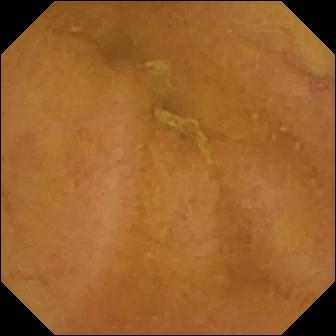Normal clean mucosa — small-bowel capsule endoscopy image.